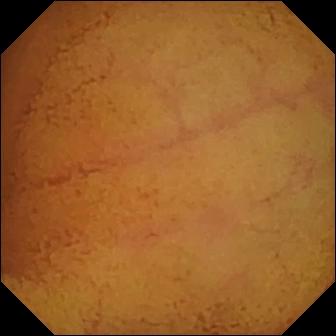Q: What does this VCE frame show?
A: Normal clean mucosa.